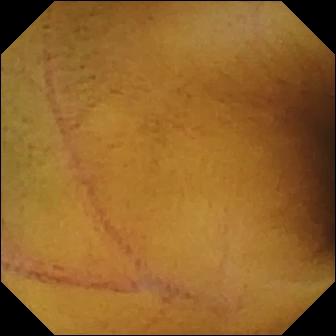{"modality": "WCE", "segment": "small bowel", "finding": "normal clean mucosa"}